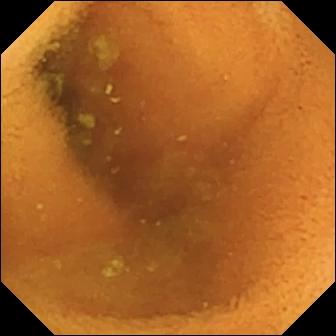WCE — normal clean mucosa.